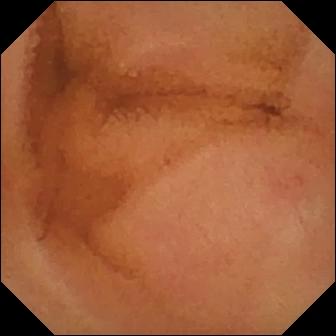PROCEDURE: Small-bowel capsule endoscopy.
FINDINGS: Normal clean mucosa.